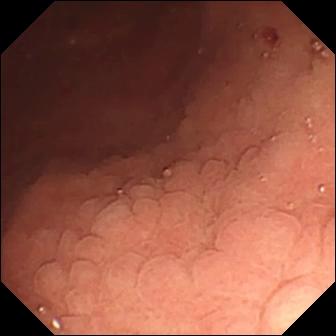PROCEDURE: Wireless capsule endoscopy.
FINDINGS: Angiectasia.